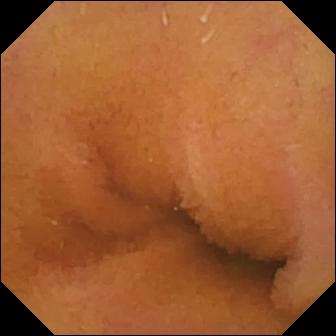VCE still (small bowel). Normal clean mucosa.